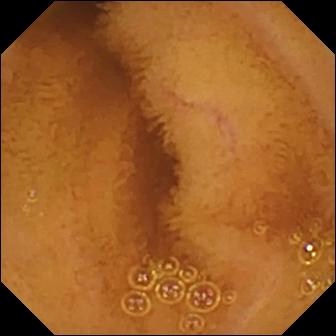Wireless capsule endoscopy. Small intestine. Impression: normal clean mucosa.